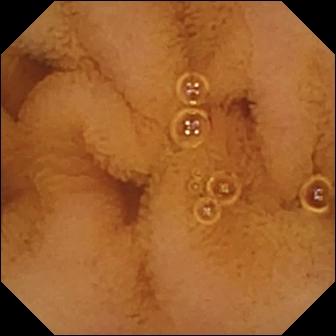Normal clean mucosa — capsule endoscopy snapshot of the small intestine.